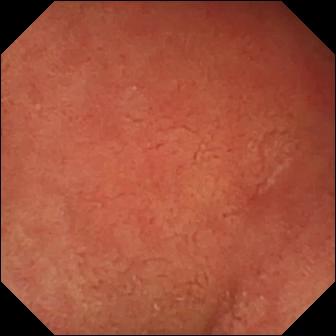Video capsule endoscopy. Position: pylorus region (where the capsule passes from the stomach into the small bowel).